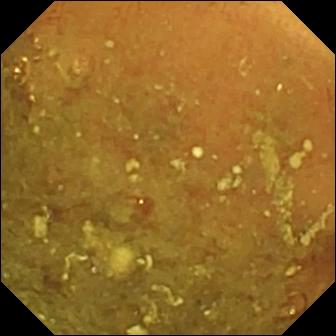Reduced mucosal view (content or bubbles obscuring the mucosa).